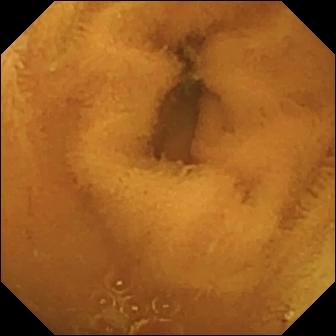Wireless capsule endoscopy — normal clean mucosa.